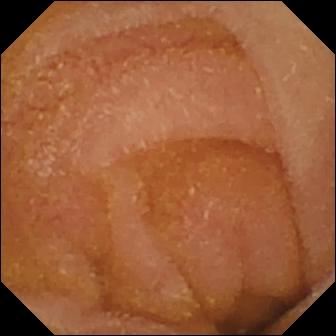VCE still (small intestine). Normal clean mucosa.